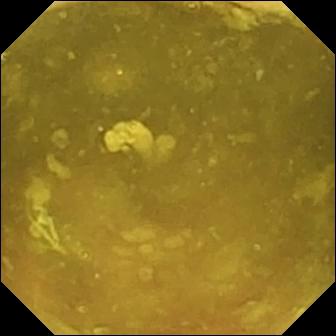Ileo-cecal valve region (where the capsule passes from the small bowel into the large bowel).